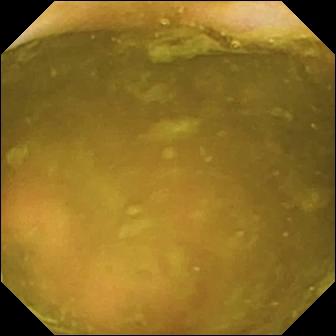Video capsule endoscopy snapshot taken in the ileo-cecal valve region.